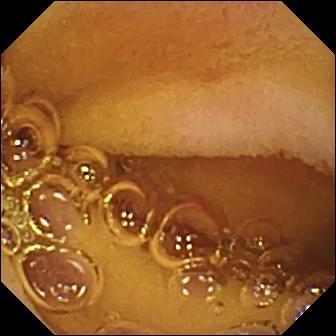PROCEDURE: Small-bowel capsule endoscopy.
SEGMENT: Small bowel.
FINDINGS: Normal clean mucosa.